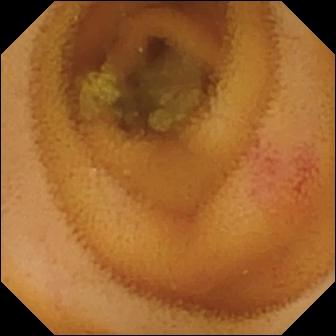modality: video capsule endoscopy; label: angiectasia